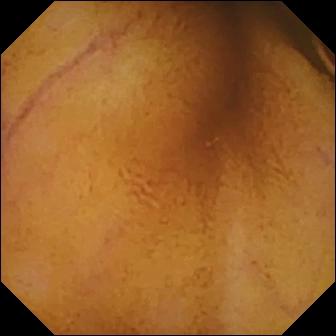Wireless capsule endoscopy view (small intestine), 336×336. Normal clean mucosa.